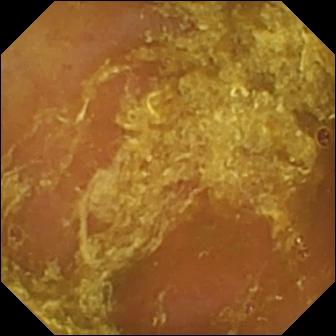Capsule endoscopy. Small bowel. Finding: reduced mucosal view (content or bubbles obscuring the mucosa).